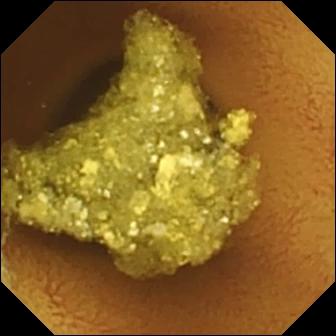- modality: capsule endoscopy
- category: luminal finding
- observation: normal clean mucosa